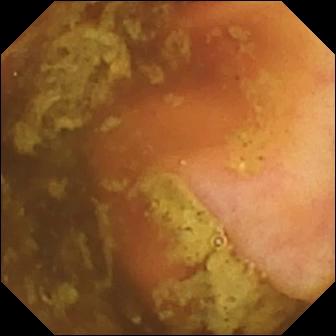WCE view
Video segment: ileo-cecal valve region (where the capsule passes from the small bowel into the large bowel)